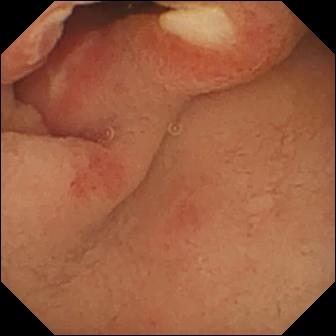{"modality": "VCE", "finding": "ulcer"}